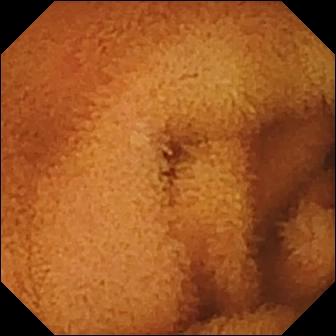modality: wireless capsule endoscopy; segment: small intestine; category: luminal finding; impression: normal clean mucosa